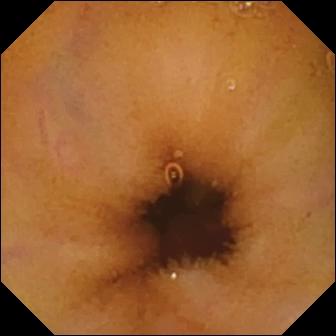Q: What does this wireless capsule endoscopy view of the small bowel show?
A: Normal clean mucosa.